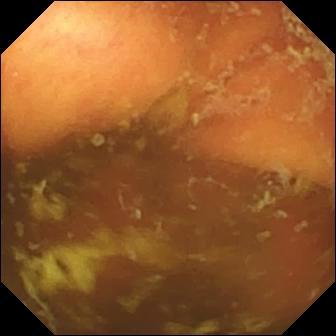Capsule endoscopy frame taken in the ileo-cecal valve region (the transition from the small bowel to the large bowel).